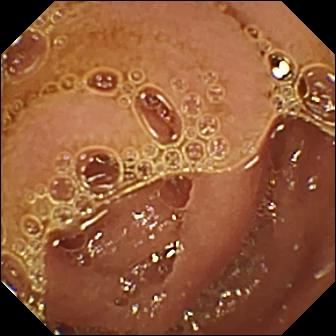Small-bowel capsule endoscopy still (small intestine). Normal clean mucosa.